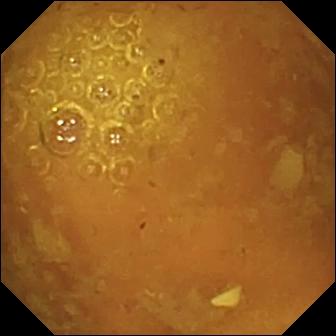modality: capsule endoscopy | category: luminal finding | impression: reduced mucosal view (content or bubbles obscuring the mucosa)